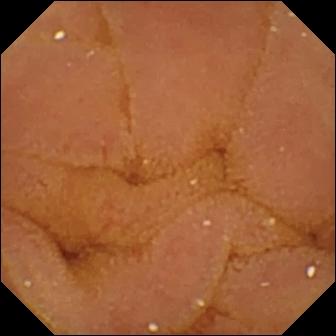WCE — normal clean mucosa.